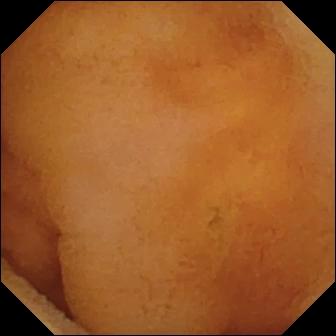Video capsule endoscopy. Label: normal clean mucosa.